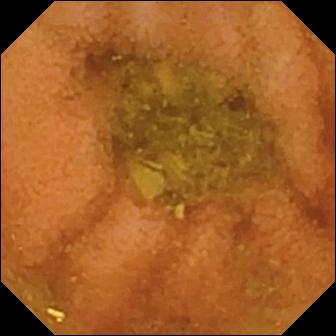modality: video capsule endoscopy
segment: small intestine
impression: normal clean mucosa